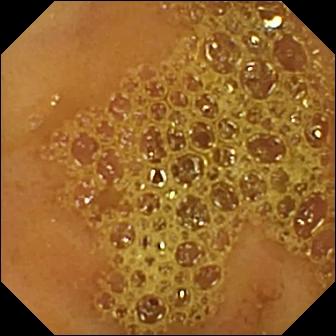Q: Where in the digestive tract was this wireless capsule endoscopy view taken?
A: Ileo-cecal valve region.